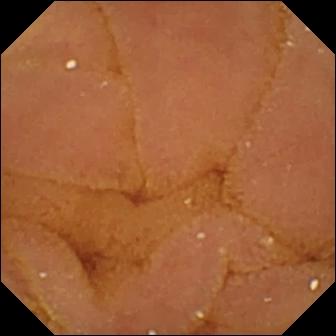Normal clean mucosa — WCE snapshot.